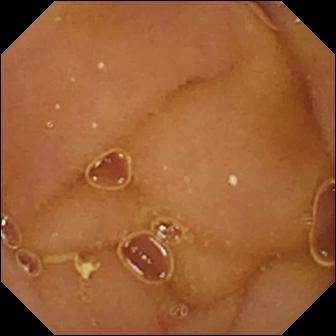Q: What does this video capsule endoscopy still show?
A: Normal clean mucosa.